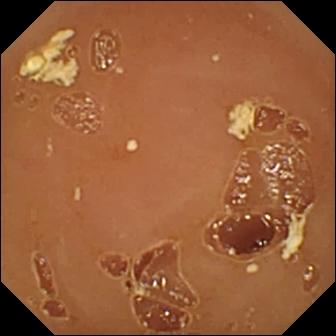modality: small-bowel capsule endoscopy
segment: small bowel
category: luminal finding
finding: normal clean mucosa